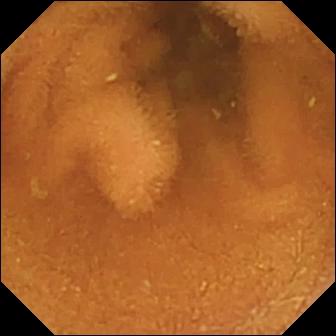Video capsule endoscopy. Small intestine. Luminal finding. Finding: normal clean mucosa.